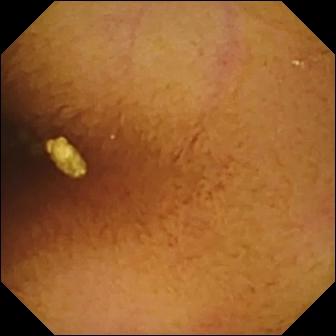Normal clean mucosa — WCE frame.